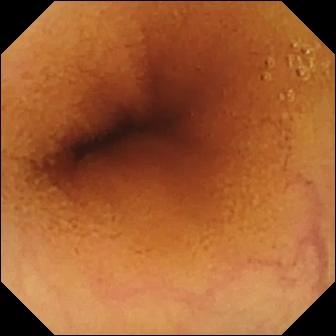Normal clean mucosa.